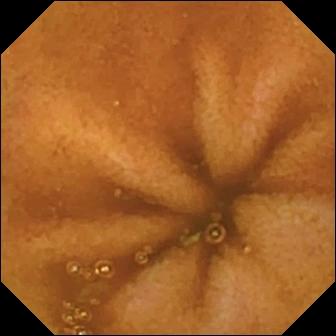Wireless capsule endoscopy — normal clean mucosa.